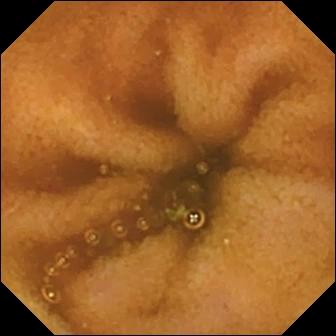Capsule endoscopy still showing normal clean mucosa.